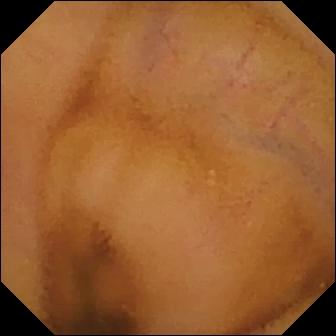This VCE frame of the small intestine shows normal clean mucosa.